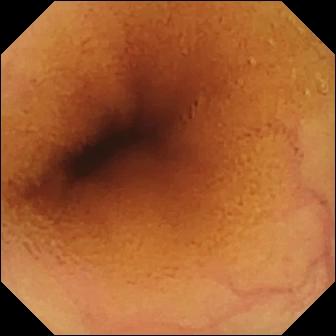This capsule endoscopy image shows normal clean mucosa.